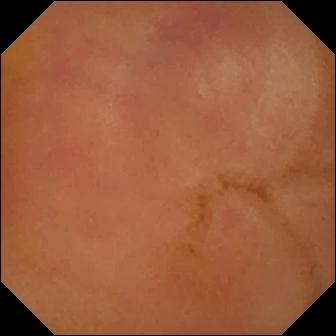- modality: WCE
- impression: erythema (mucosal redness)